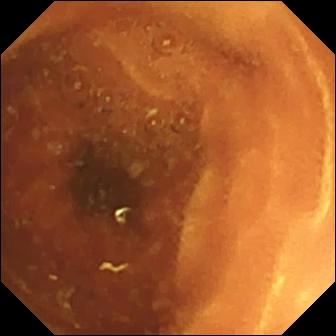Normal clean mucosa — small-bowel capsule endoscopy image of the small bowel.